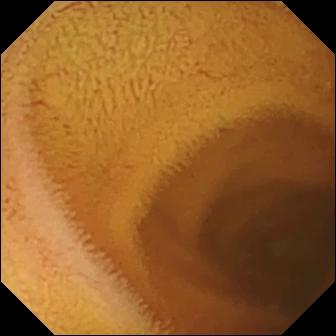WCE image. Normal clean mucosa.